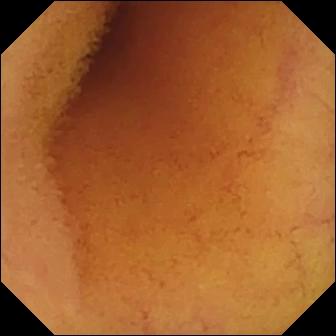This WCE image shows normal clean mucosa.